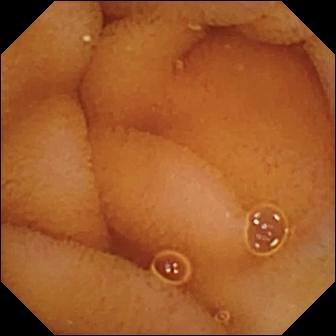PROCEDURE: Capsule endoscopy.
SEGMENT: Small bowel.
FINDINGS: Normal clean mucosa.